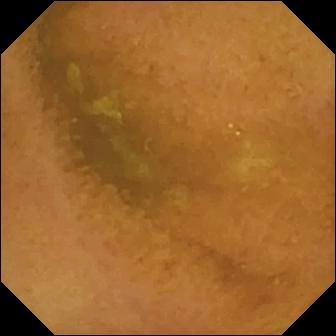This wireless capsule endoscopy frame shows normal clean mucosa.